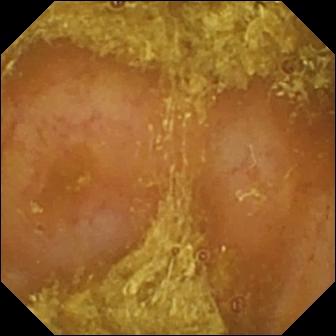Reduced mucosal view (content or bubbles obscuring the mucosa).